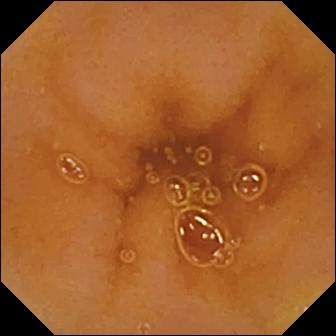modality: VCE
label: normal clean mucosa